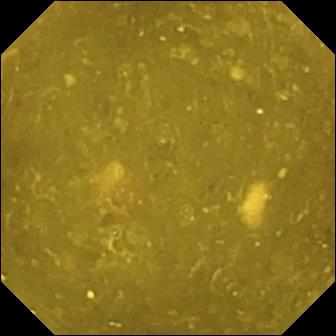{"modality": "capsule endoscopy", "video_segment": "ileo-cecal valve region"}